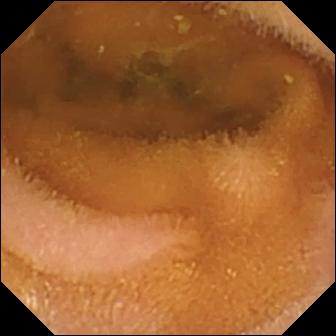WCE frame showing normal clean mucosa.